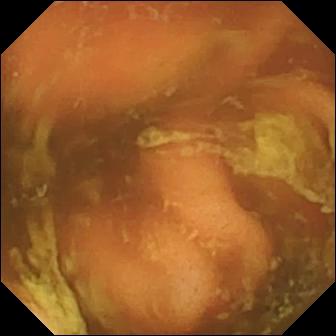{"modality": "video capsule endoscopy", "category": "anatomical landmark", "video_segment": "ileo-cecal valve region (where the capsule passes from the small bowel into the large bowel)"}